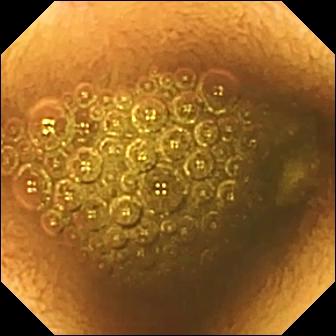Small-bowel capsule endoscopy view, small intestine
Observation: reduced mucosal view (content or bubbles obscuring the mucosa)